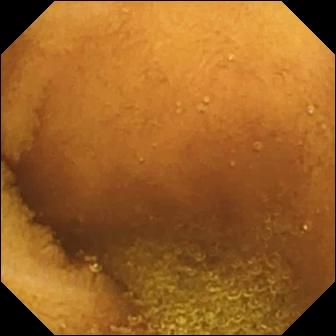Video capsule endoscopy snapshot of the small intestine showing normal clean mucosa.